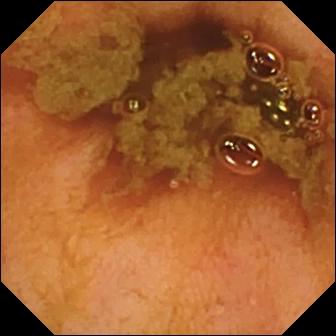modality: VCE | label: ileo-cecal valve region